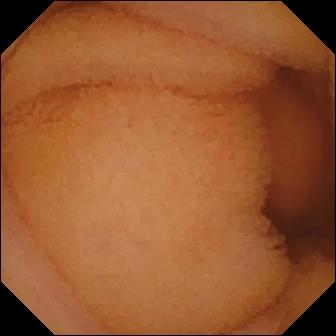Wireless capsule endoscopy — normal clean mucosa.